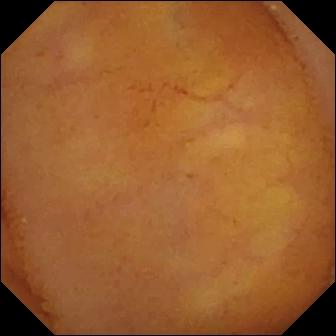Normal clean mucosa.